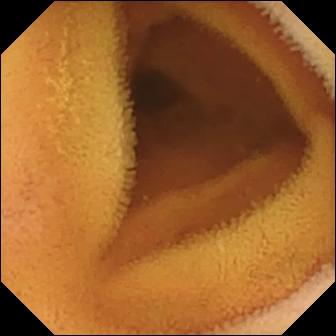WCE snapshot of the small bowel showing normal clean mucosa.